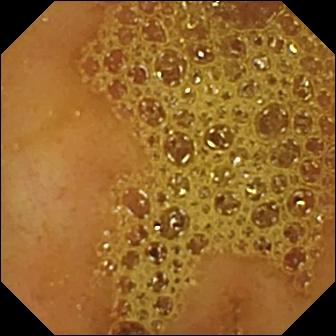Q: Where in the digestive tract was this wireless capsule endoscopy view taken?
A: Ileo-cecal valve region.